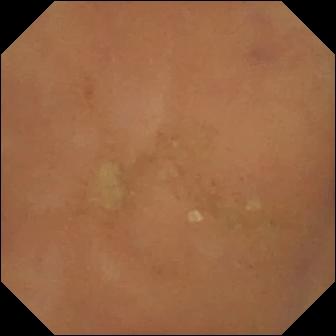PROCEDURE: Wireless capsule endoscopy.
FINDINGS: Normal clean mucosa.